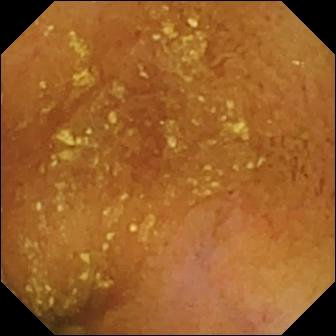VCE still showing normal clean mucosa.